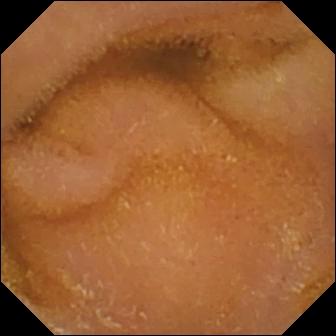Small-bowel capsule endoscopy view of the small bowel showing normal clean mucosa.